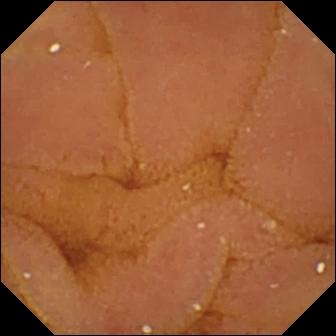WCE snapshot. Normal clean mucosa.